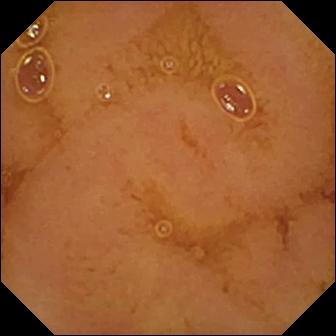This video capsule endoscopy view of the small intestine shows normal clean mucosa.